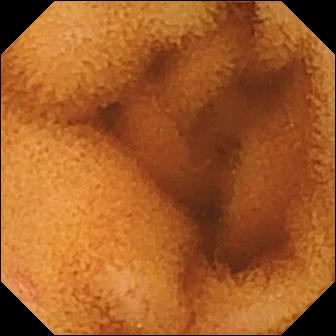VCE frame
Finding: normal clean mucosa